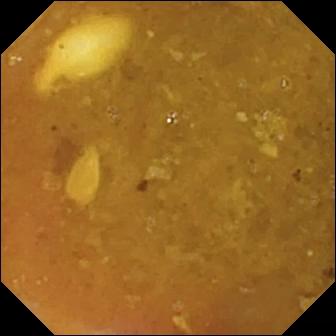This WCE image of the small intestine shows reduced mucosal view (content or bubbles obscuring the mucosa).